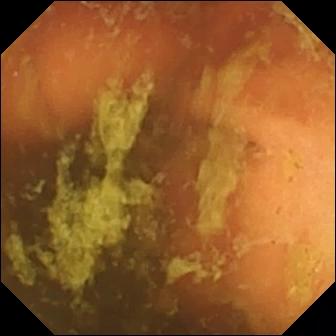Wireless capsule endoscopy snapshot
Label: ileo-cecal valve region (the transition from the small bowel to the large bowel)